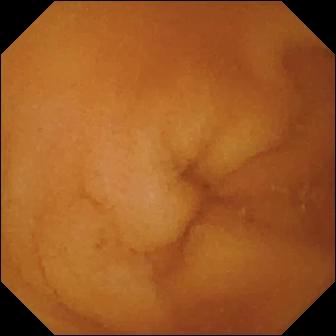This video capsule endoscopy snapshot shows normal clean mucosa.